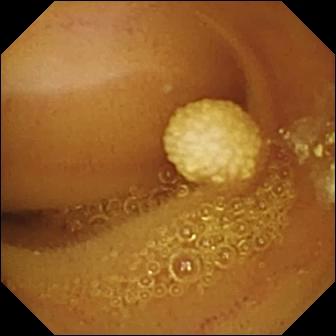Lymphangiectasia.